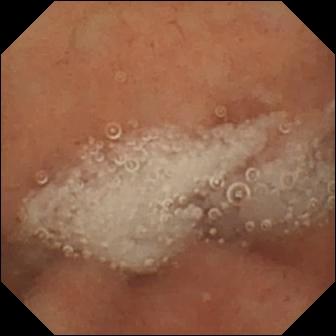Normal clean mucosa — capsule endoscopy view.